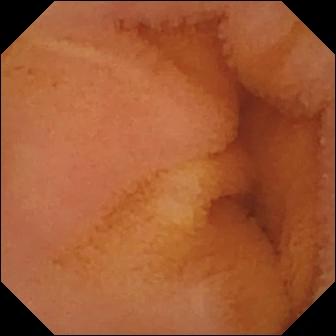Capsule endoscopy. Impression: normal clean mucosa.